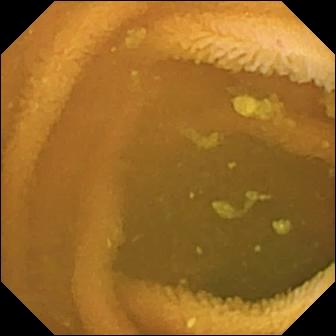WCE. Small bowel. Observation: normal clean mucosa.